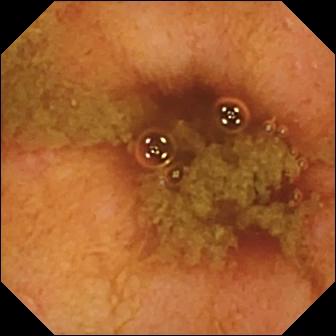This video capsule endoscopy still was taken in the ileo-cecal valve region (the transition from the small bowel to the large bowel).